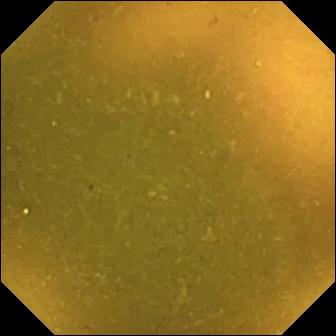This capsule endoscopy image was taken in the ileo-cecal valve region.